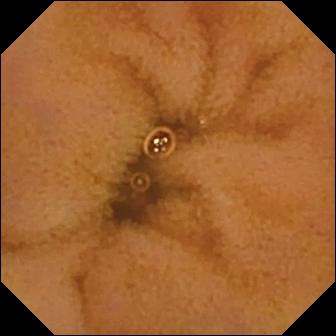Q: What does this capsule endoscopy view of the small bowel show?
A: Normal clean mucosa.